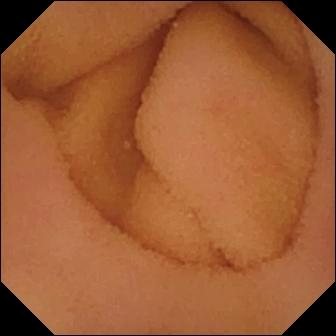modality: video capsule endoscopy | segment: small bowel | category: luminal finding | label: normal clean mucosa